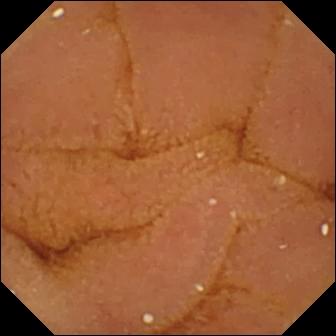Small-bowel capsule endoscopy still of the small intestine showing normal clean mucosa.